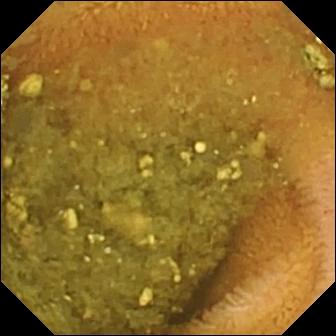Small-bowel capsule endoscopy — reduced mucosal view (content or bubbles obscuring the mucosa).